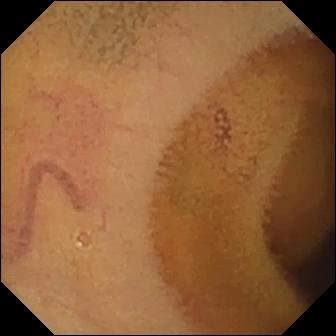Q: What does this small-bowel capsule endoscopy still show?
A: Normal clean mucosa.